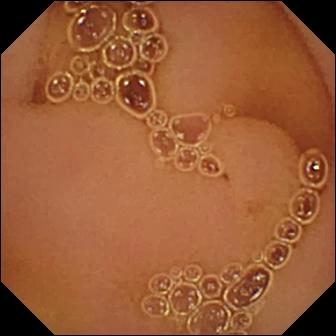- modality: video capsule endoscopy
- label: normal clean mucosa